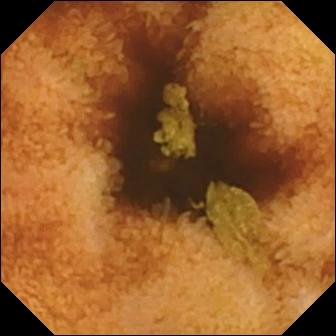Capsule endoscopy view, small bowel
Label: normal clean mucosa